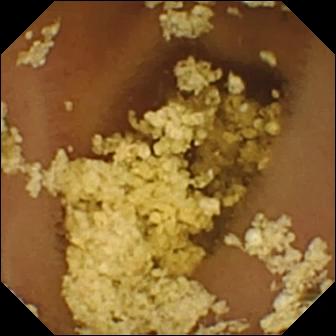Video capsule endoscopy. Label: normal clean mucosa.